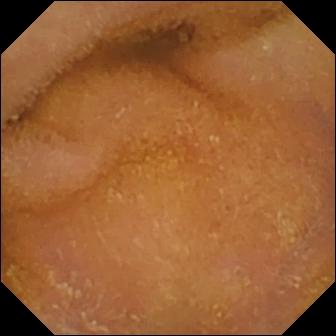{"modality": "video capsule endoscopy", "segment": "small intestine", "finding": "normal clean mucosa"}